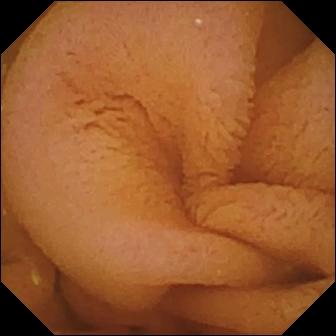Q: What does this wireless capsule endoscopy frame of the small bowel show?
A: Normal clean mucosa.